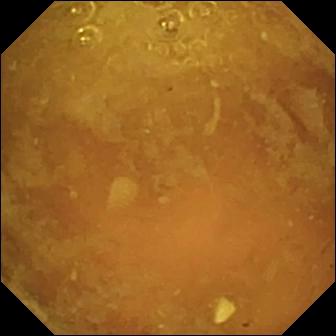Q: What does this capsule endoscopy frame show?
A: Reduced mucosal view (content or bubbles obscuring the mucosa).